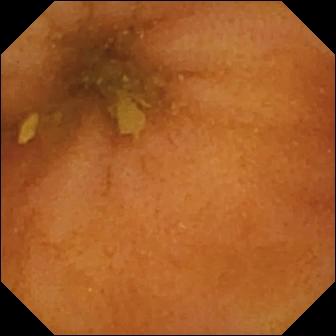Video capsule endoscopy — normal clean mucosa.